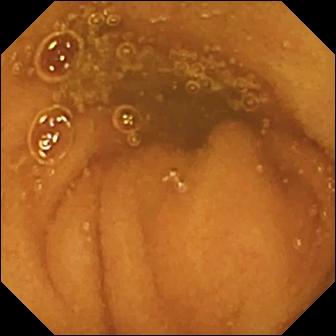Normal clean mucosa — capsule endoscopy frame of the small intestine.